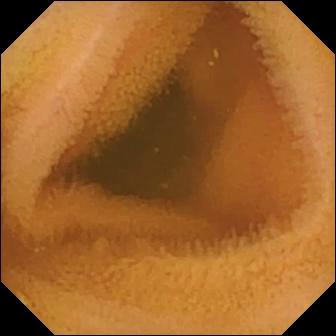VCE — normal clean mucosa.